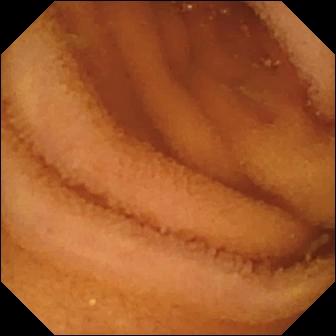VCE frame of the small intestine showing normal clean mucosa.